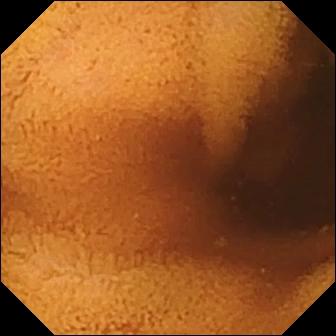Normal clean mucosa (336×336).